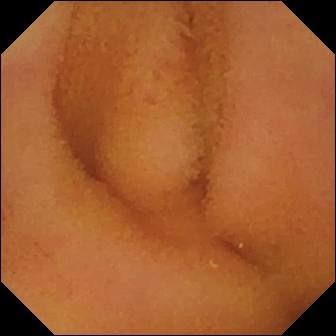PROCEDURE: Wireless capsule endoscopy.
SEGMENT: Small intestine.
FINDINGS: Normal clean mucosa.